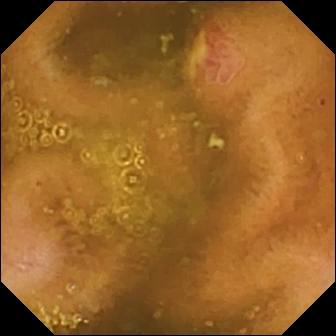WCE view
Observation: ulcer